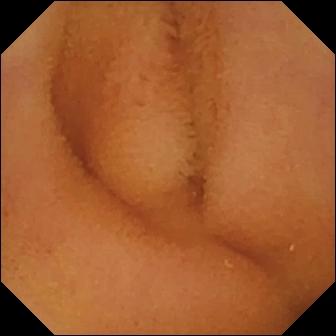modality: small-bowel capsule endoscopy
segment: small bowel
category: luminal finding
observation: normal clean mucosa